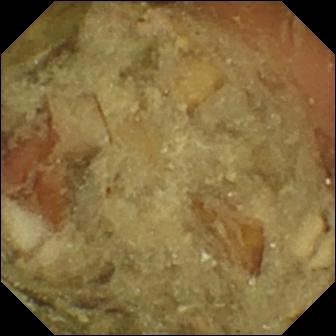Pylorus region (the junction between the stomach and the small bowel) — small-bowel capsule endoscopy frame.